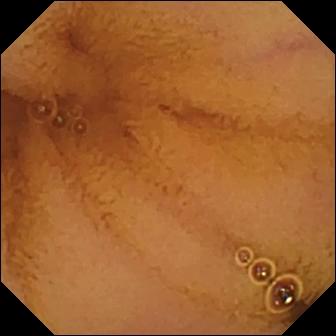Q: What does this capsule endoscopy still of the small bowel show?
A: Normal clean mucosa.